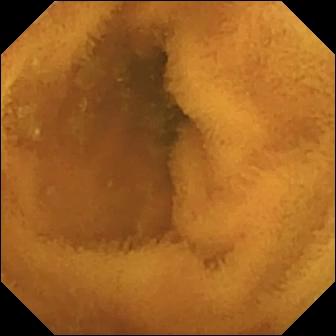{"modality": "small-bowel capsule endoscopy", "finding": "normal clean mucosa"}